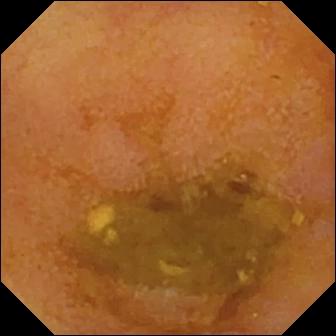This small-bowel capsule endoscopy still shows reduced mucosal view (content or bubbles obscuring the mucosa).